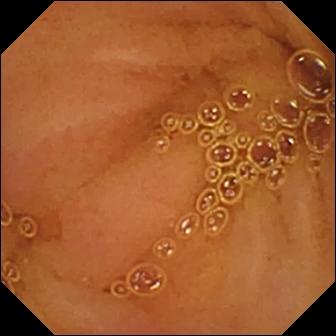{"modality": "video capsule endoscopy", "finding": "normal clean mucosa"}